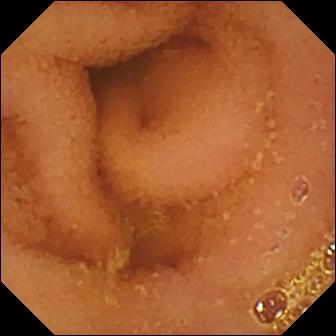WCE. Small bowel. Finding: normal clean mucosa.